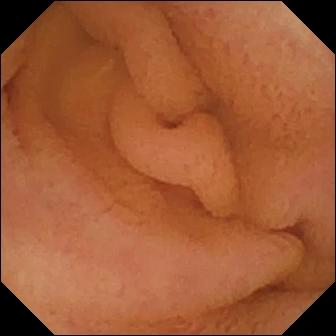This VCE view of the small bowel shows normal clean mucosa.